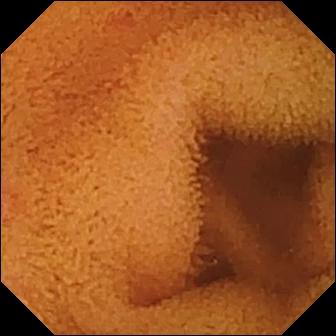Small-bowel capsule endoscopy snapshot, small bowel
Impression: normal clean mucosa